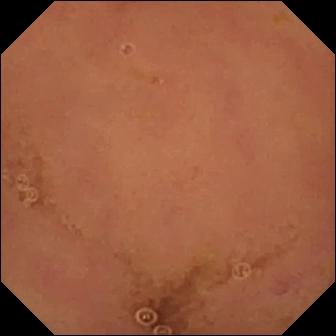VCE — normal clean mucosa.